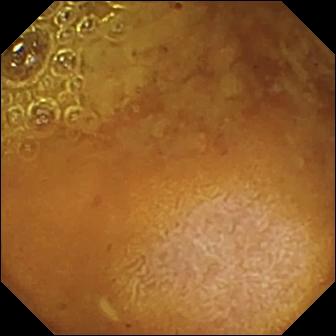WCE frame showing reduced mucosal view (content or bubbles obscuring the mucosa).